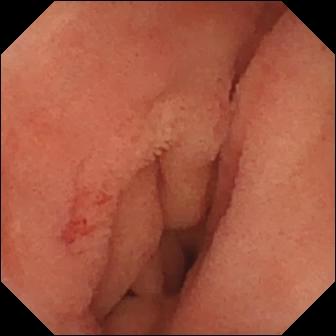PROCEDURE: Wireless capsule endoscopy.
FINDINGS: Angiectasia.